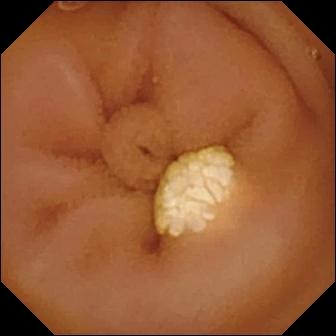Lymphangiectasia — VCE snapshot.